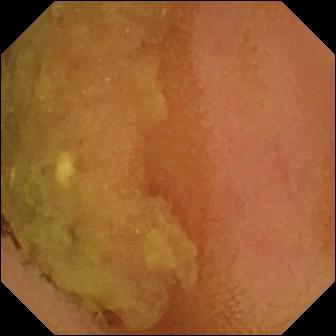Capsule endoscopy — normal clean mucosa.